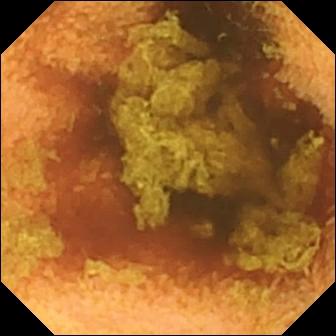Small-bowel capsule endoscopy view, small bowel
Finding: normal clean mucosa